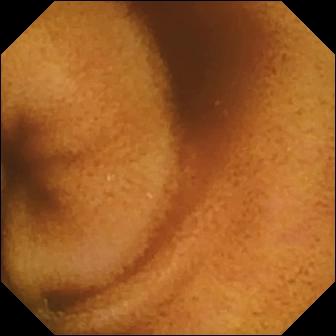{"modality": "VCE", "segment": "small bowel", "finding": "normal clean mucosa"}